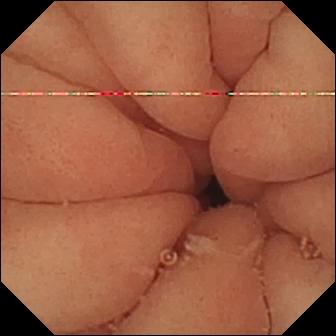WCE — pylorus region (the junction between the stomach and the small bowel).